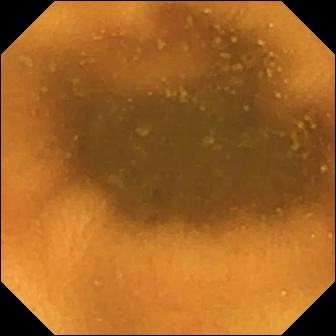Normal clean mucosa (336×336).